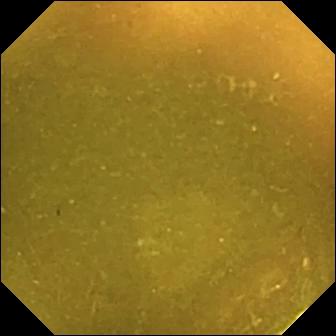modality: capsule endoscopy
video segment: ileo-cecal valve region (where the capsule passes from the small bowel into the large bowel)